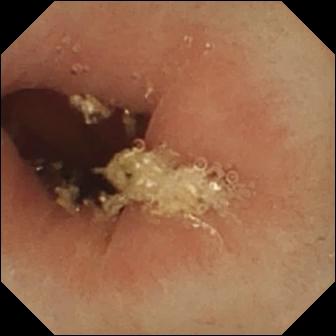Video capsule endoscopy. Location: pylorus region.